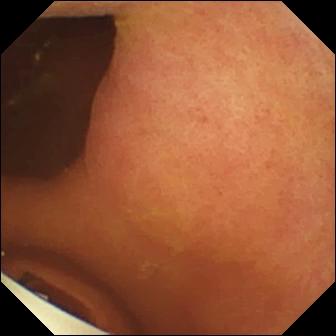Video capsule endoscopy. Finding: foreign body (e.g. retained capsule, tablet residue).